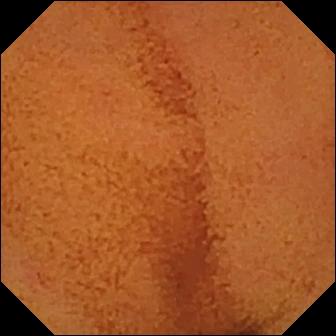{"modality": "wireless capsule endoscopy", "segment": "small intestine", "finding": "normal clean mucosa"}